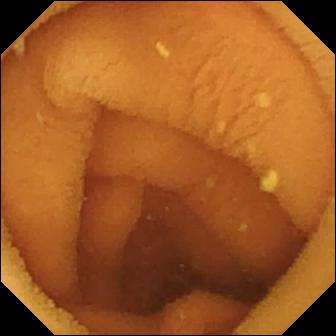Normal clean mucosa — VCE view.